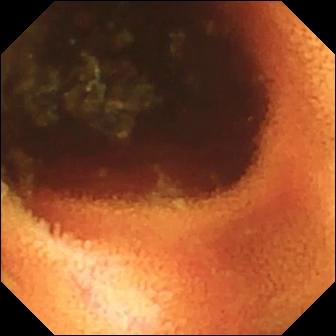This VCE snapshot was taken in the ileo-cecal valve region.